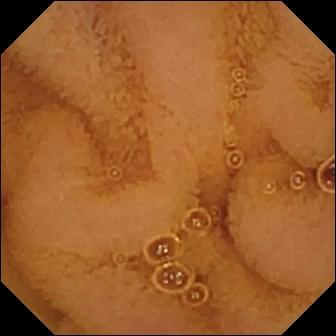Normal clean mucosa — small-bowel capsule endoscopy snapshot of the small intestine.